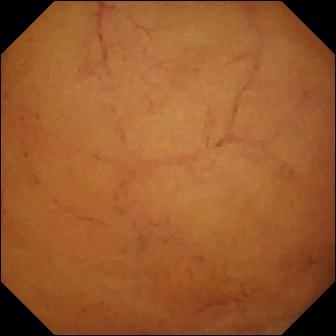Normal clean mucosa — wireless capsule endoscopy snapshot.